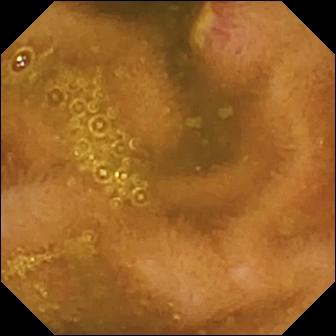VCE snapshot, 336×336. Ulcer.